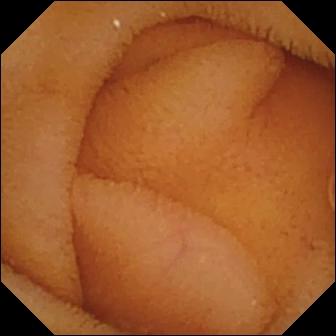- modality: video capsule endoscopy
- segment: small bowel
- impression: normal clean mucosa